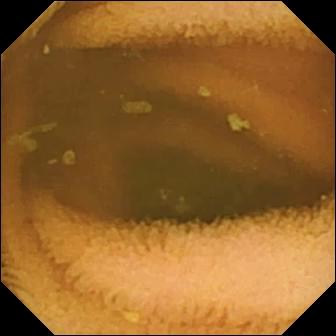Small-bowel capsule endoscopy still
Observation: normal clean mucosa